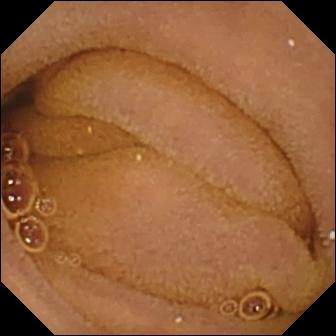Video capsule endoscopy still (small intestine), 336×336. Normal clean mucosa.